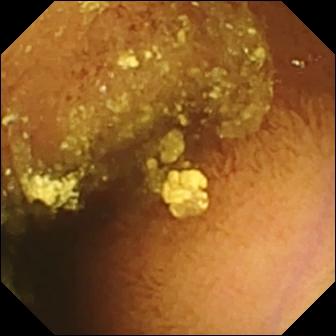Normal clean mucosa — video capsule endoscopy image of the small intestine.